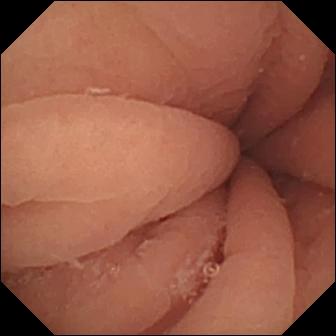WCE. Location: pylorus region (where the capsule passes from the stomach into the small bowel).